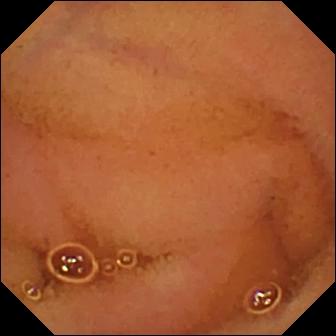Video capsule endoscopy view
Observation: normal clean mucosa